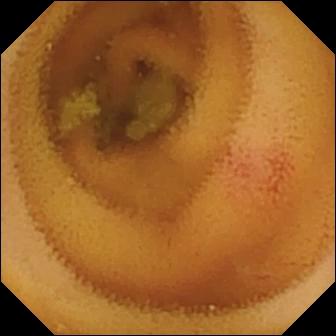{"modality": "capsule endoscopy", "finding": "angiectasia"}